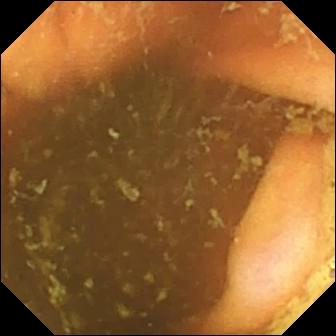Ileo-cecal valve region (the transition from the small bowel to the large bowel) — small-bowel capsule endoscopy view.